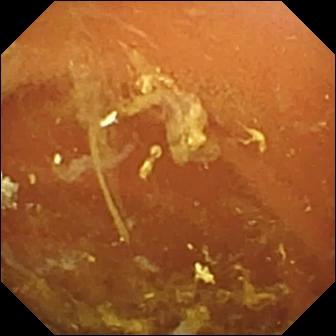Normal clean mucosa — wireless capsule endoscopy view of the small intestine.